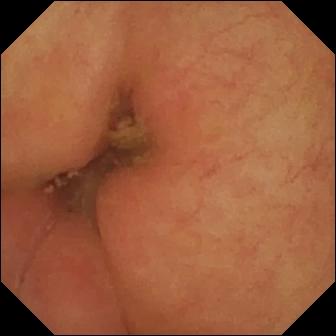VCE — pylorus region (the junction between the stomach and the small bowel).